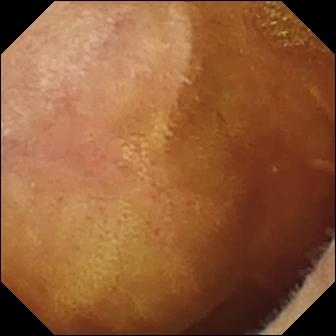Small-bowel capsule endoscopy — normal clean mucosa.